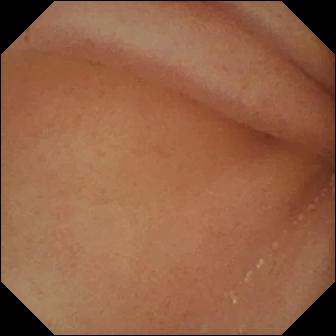Q: Where in the digestive tract was this VCE image taken?
A: Pylorus region.